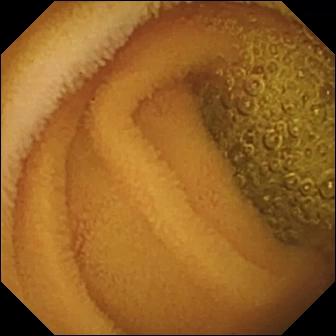Small-bowel capsule endoscopy image, small bowel
Finding: normal clean mucosa